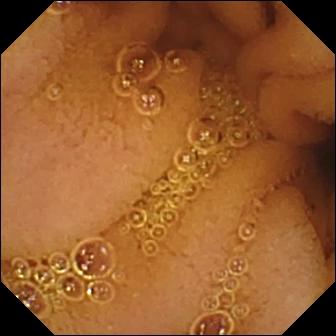This VCE frame of the small intestine shows normal clean mucosa.